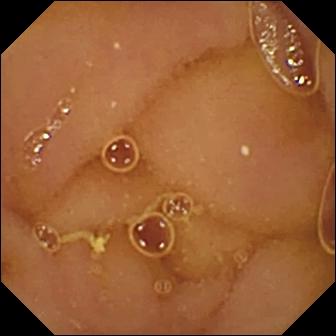Wireless capsule endoscopy image of the small bowel showing normal clean mucosa.